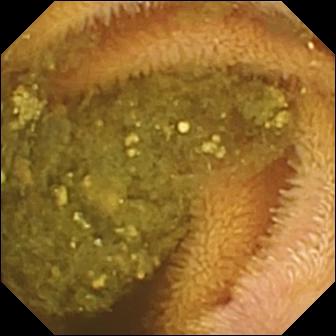This wireless capsule endoscopy still shows reduced mucosal view (content or bubbles obscuring the mucosa).